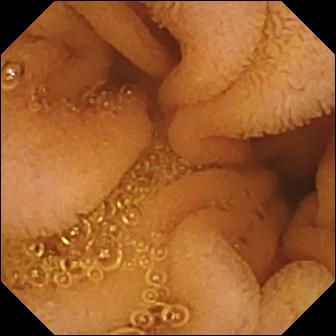{"modality": "wireless capsule endoscopy", "segment": "small intestine", "finding": "normal clean mucosa"}